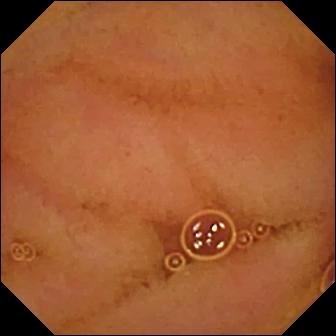VCE snapshot of the small intestine showing normal clean mucosa.